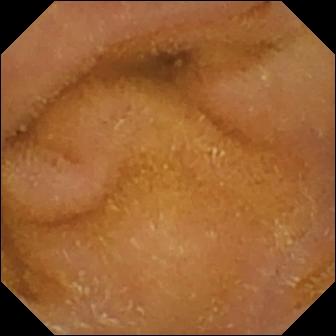Normal clean mucosa.